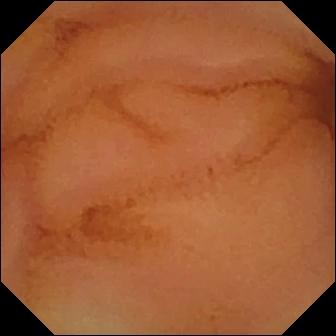Wireless capsule endoscopy — normal clean mucosa.